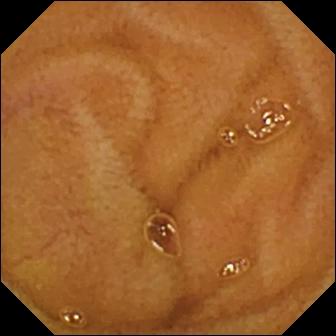Capsule endoscopy snapshot, 336×336. Normal clean mucosa.